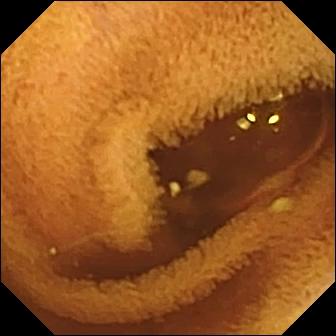Normal clean mucosa.